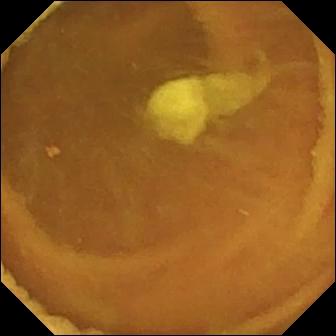This wireless capsule endoscopy image shows normal clean mucosa.